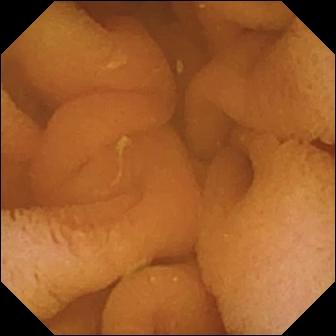- modality: small-bowel capsule endoscopy
- finding: normal clean mucosa